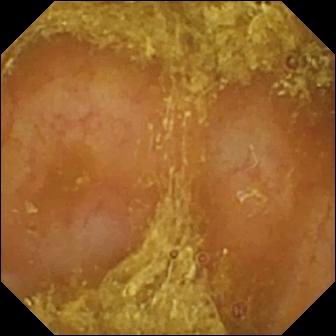{"modality": "wireless capsule endoscopy", "finding": "reduced mucosal view (content or bubbles obscuring the mucosa)"}